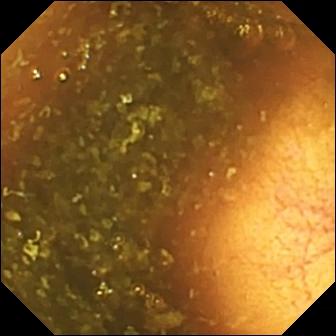Small-bowel capsule endoscopy view. Taken in the ileo-cecal valve region.